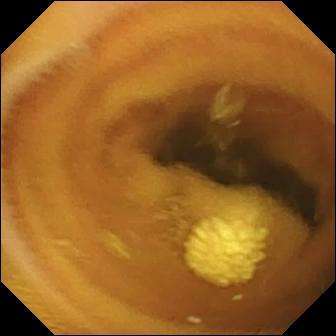Lymphangiectasia — VCE frame.